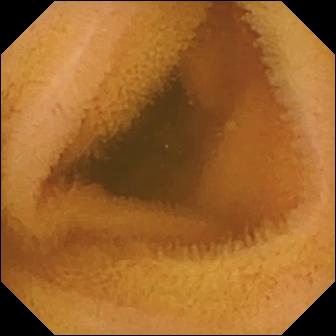PROCEDURE: Wireless capsule endoscopy.
FINDINGS: Normal clean mucosa.